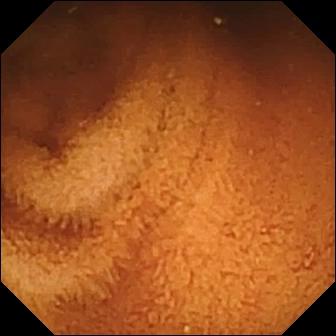VCE view of the small bowel showing normal clean mucosa.